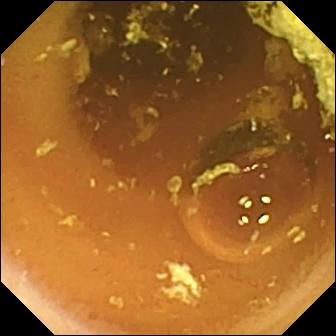PROCEDURE: VCE.
SEGMENT: Small intestine.
FINDINGS: Normal clean mucosa.